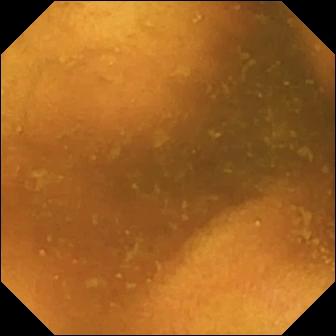Wireless capsule endoscopy. Small intestine. Impression: normal clean mucosa.